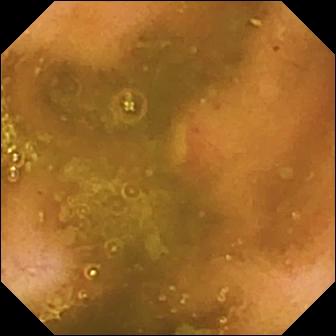{"modality": "WCE", "finding": "ulcer"}